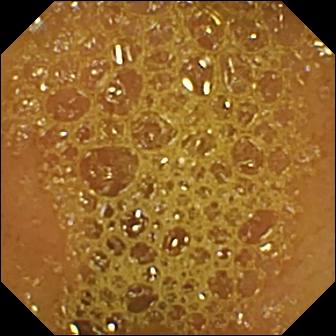PROCEDURE: Capsule endoscopy.
VIDEO SEGMENT: Ileo-cecal valve region.